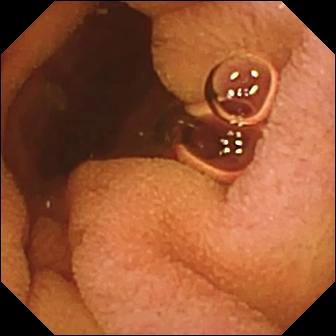PROCEDURE: VCE.
FINDINGS: Normal clean mucosa.